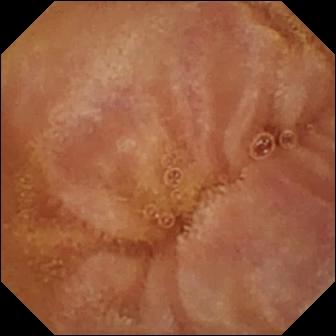Small-bowel capsule endoscopy snapshot of the small bowel showing normal clean mucosa.